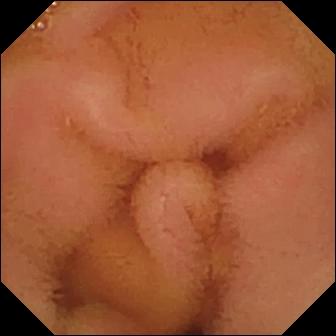Normal clean mucosa.